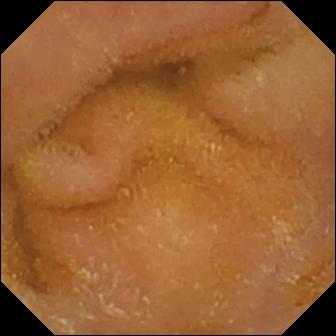- modality: VCE
- category: luminal finding
- finding: normal clean mucosa